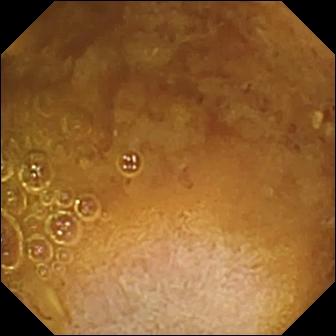PROCEDURE: Capsule endoscopy.
FINDINGS: Reduced mucosal view (content or bubbles obscuring the mucosa).